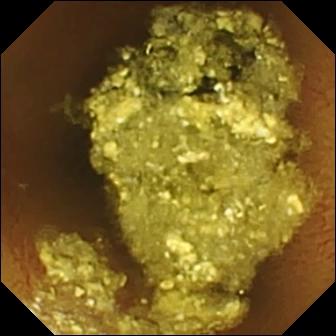Video capsule endoscopy image (small bowel). Normal clean mucosa.